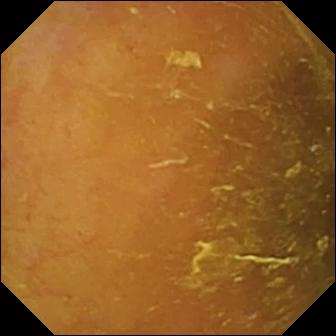Video capsule endoscopy image taken in the ileo-cecal valve region (the transition from the small bowel to the large bowel).